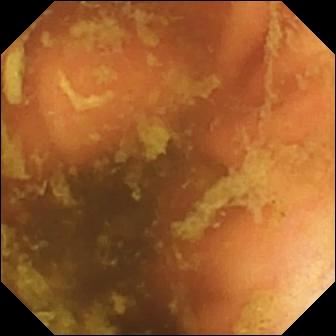WCE — ileo-cecal valve region (where the capsule passes from the small bowel into the large bowel).